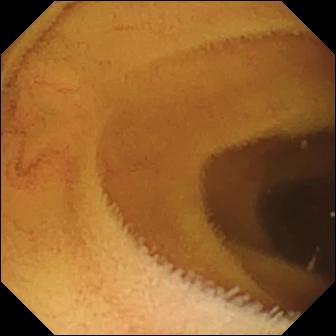Wireless capsule endoscopy image (small bowel). Normal clean mucosa.